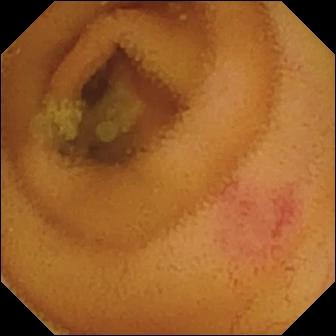Q: What does this video capsule endoscopy frame show?
A: Angiectasia.